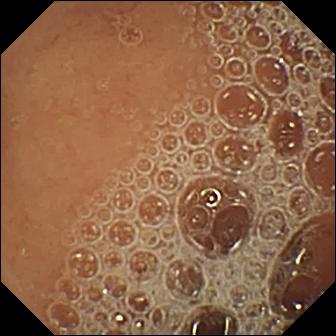VCE. Observation: normal clean mucosa.